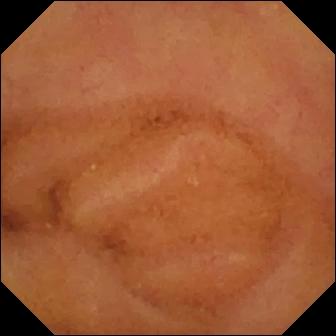Video capsule endoscopy — normal clean mucosa.